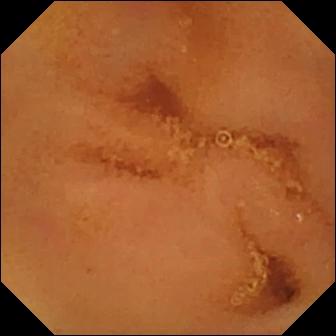This capsule endoscopy image shows normal clean mucosa.